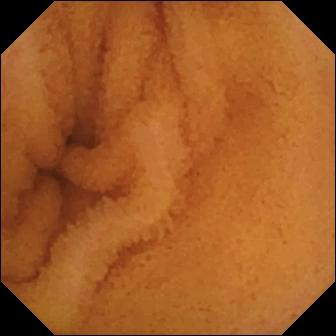Q: What does this wireless capsule endoscopy view of the small intestine show?
A: Normal clean mucosa.